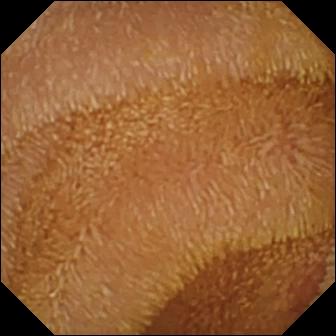This capsule endoscopy image shows erosion.